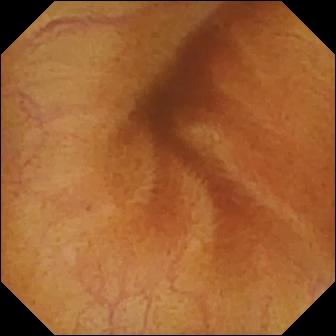Q: What does this wireless capsule endoscopy snapshot of the small bowel show?
A: Normal clean mucosa.